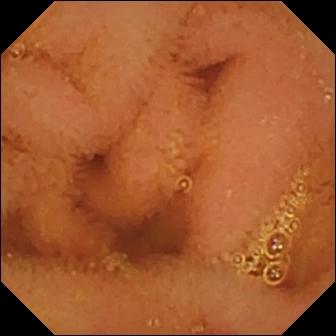Wireless capsule endoscopy. Luminal finding. Impression: normal clean mucosa.